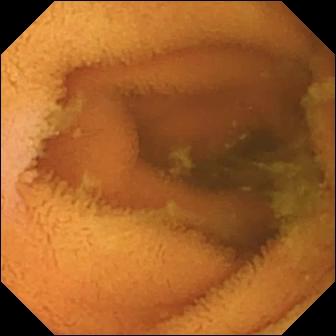This VCE view of the small bowel shows normal clean mucosa.